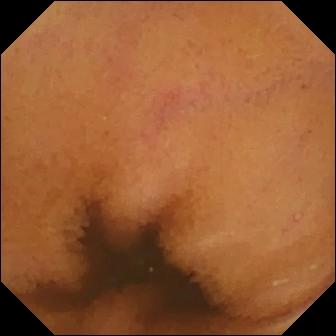Video capsule endoscopy view (small intestine), 336×336. Normal clean mucosa.